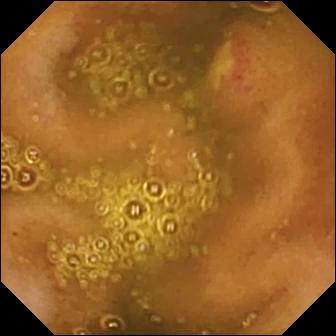Capsule endoscopy image
Impression: ulcer